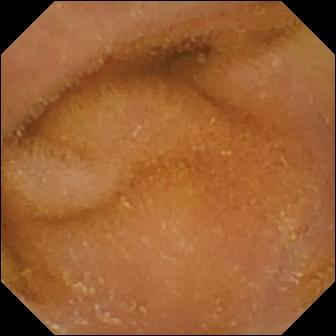modality: VCE
category: luminal finding
observation: normal clean mucosa